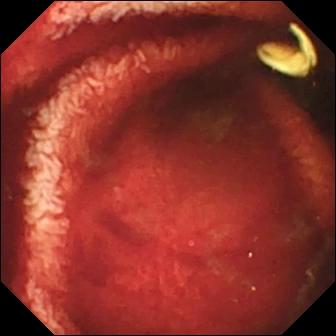Capsule endoscopy. Impression: fresh blood in the lumen.